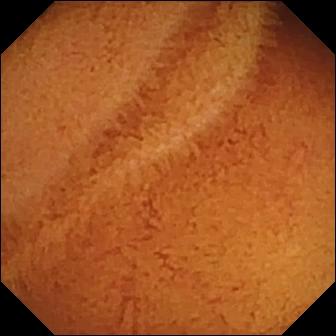Small-bowel capsule endoscopy still. Normal clean mucosa.